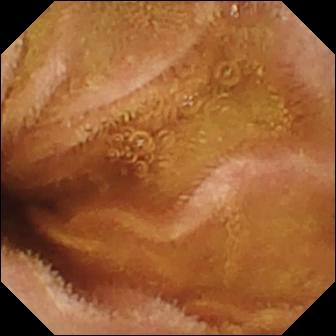Video capsule endoscopy image of the small bowel showing normal clean mucosa.